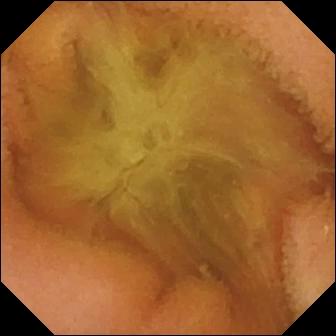WCE view
Impression: normal clean mucosa